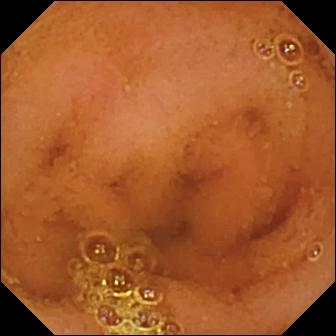- modality: small-bowel capsule endoscopy
- category: luminal finding
- label: normal clean mucosa